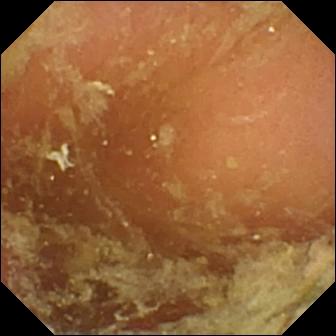Q: Where in the digestive tract was this VCE view taken?
A: Pylorus region (where the capsule passes from the stomach into the small bowel).